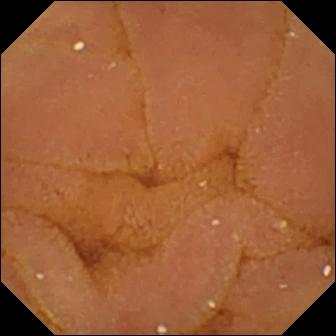Capsule endoscopy frame. Normal clean mucosa.